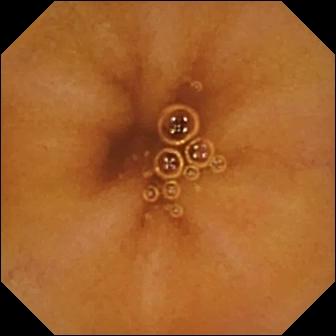Q: What does this small-bowel capsule endoscopy image show?
A: Normal clean mucosa.